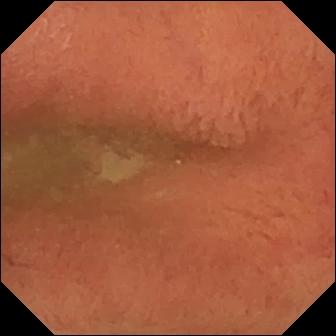{"modality": "wireless capsule endoscopy", "location": "pylorus region (where the capsule passes from the stomach into the small bowel)"}